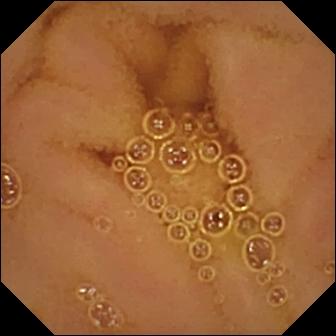Normal clean mucosa — WCE frame.